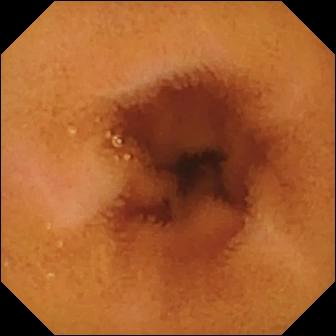VCE. Impression: normal clean mucosa.